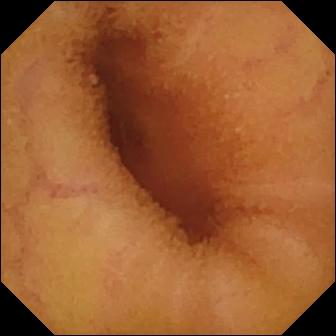Q: What does this WCE image of the small intestine show?
A: Normal clean mucosa.